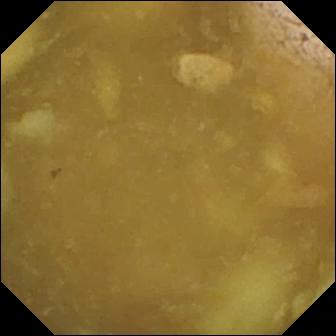Q: Where in the digestive tract was this video capsule endoscopy snapshot taken?
A: Ileo-cecal valve region.